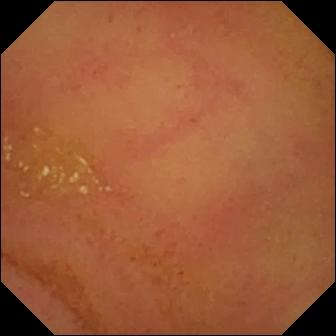Wireless capsule endoscopy image of the small intestine showing normal clean mucosa.